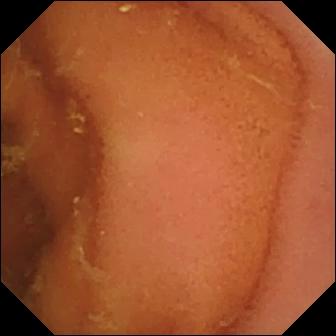{"modality": "small-bowel capsule endoscopy", "segment": "small intestine", "finding": "normal clean mucosa"}